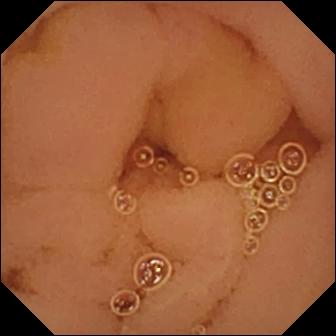Small-bowel capsule endoscopy view. Normal clean mucosa.